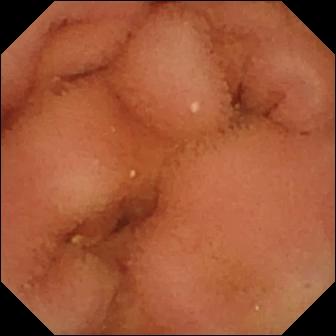This WCE frame shows normal clean mucosa.